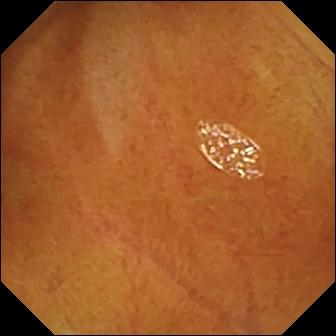Normal clean mucosa — WCE frame of the small bowel.